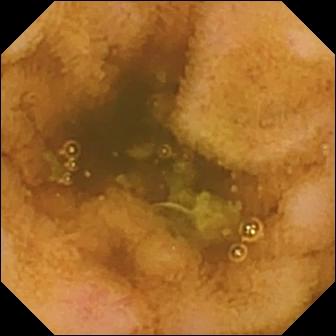This WCE frame shows erosion.